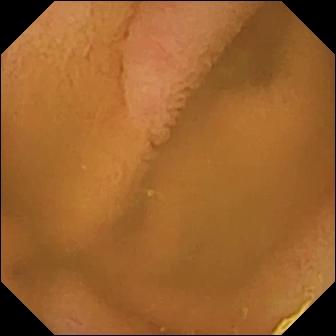VCE snapshot (small intestine). Normal clean mucosa.